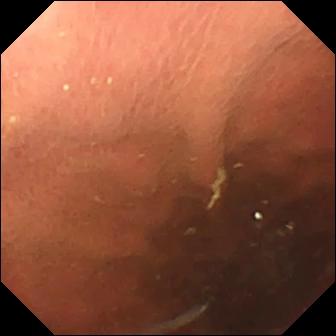Wireless capsule endoscopy still. Taken in the pylorus region (the junction between the stomach and the small bowel).